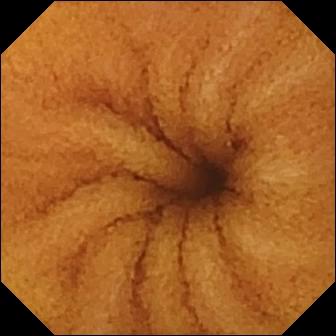VCE. Impression: normal clean mucosa.